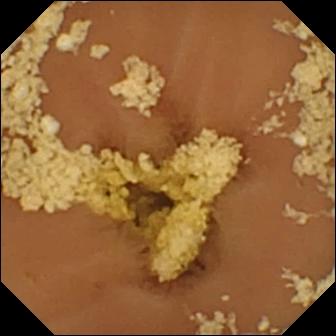Capsule endoscopy still of the small intestine showing normal clean mucosa.